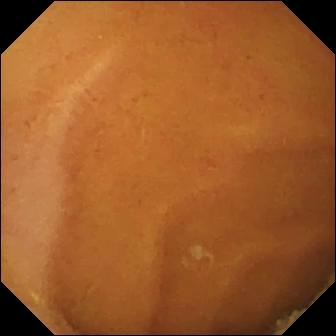This wireless capsule endoscopy image of the small bowel shows normal clean mucosa.